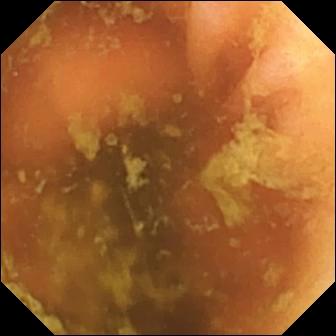- modality: small-bowel capsule endoscopy
- label: ileo-cecal valve region (the transition from the small bowel to the large bowel)